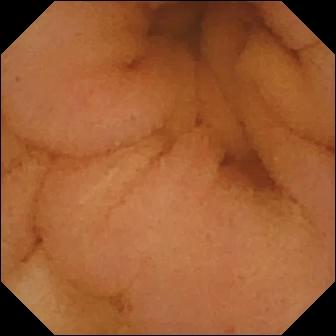PROCEDURE: Capsule endoscopy.
SEGMENT: Small bowel.
FINDINGS: Normal clean mucosa.